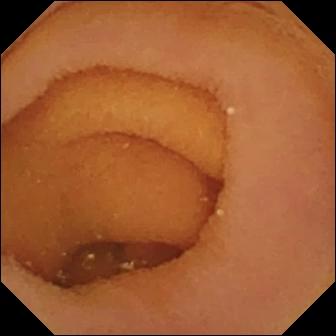Pylorus region (the junction between the stomach and the small bowel) — VCE frame.